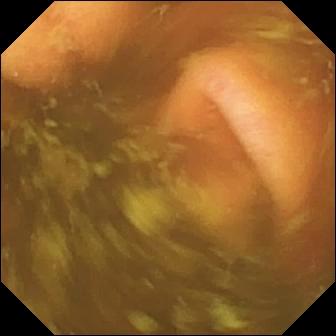WCE image taken in the ileo-cecal valve region.